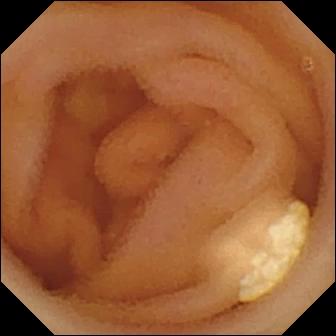- modality: WCE
- label: lymphangiectasia